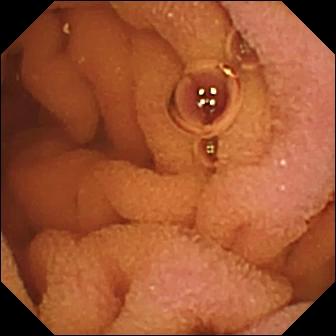Capsule endoscopy — normal clean mucosa.